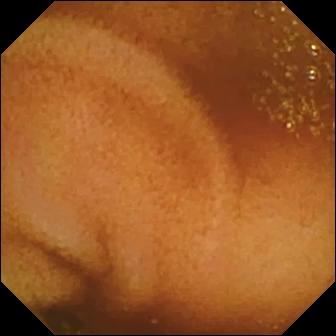Video capsule endoscopy still
Label: normal clean mucosa